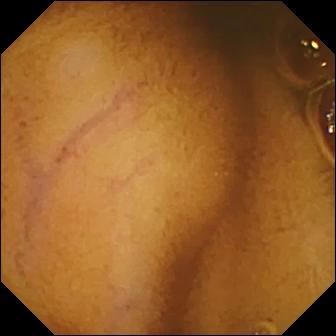Q: What does this WCE snapshot show?
A: Normal clean mucosa.